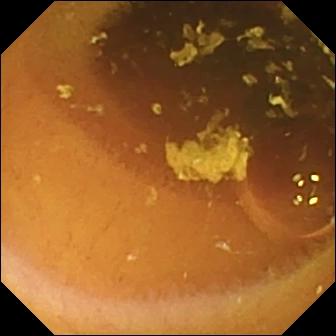Small-bowel capsule endoscopy. Luminal finding. Finding: normal clean mucosa.